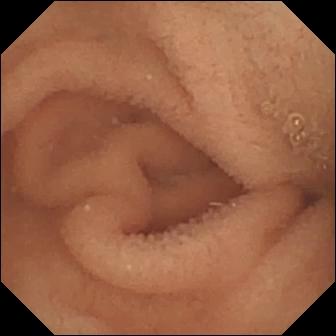modality: capsule endoscopy; segment: small intestine; finding: normal clean mucosa